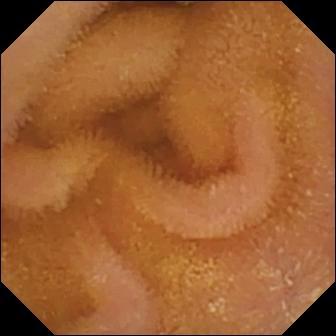Normal clean mucosa — video capsule endoscopy snapshot.